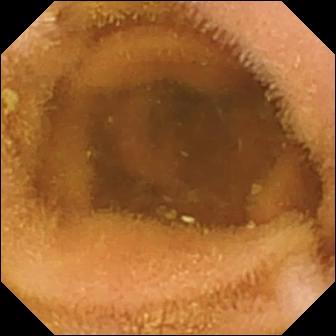Normal clean mucosa — video capsule endoscopy still of the small intestine.